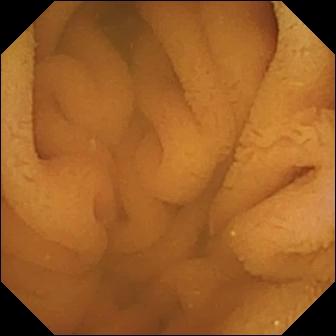Q: What does this capsule endoscopy image of the small intestine show?
A: Normal clean mucosa.